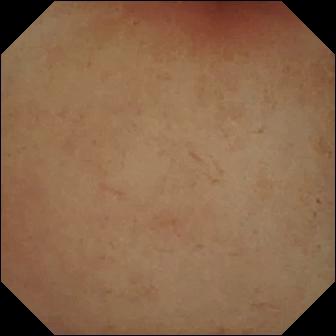PROCEDURE: Video capsule endoscopy.
POSITION: Pylorus region (where the capsule passes from the stomach into the small bowel).